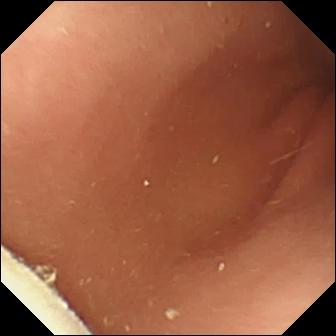modality: capsule endoscopy; category: luminal finding; observation: foreign body (e.g. retained capsule, tablet residue)